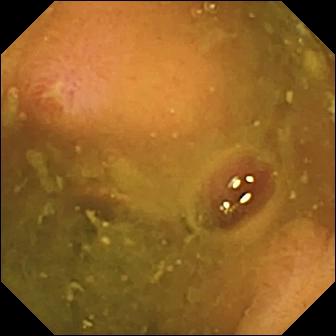Q: What does this small-bowel capsule endoscopy image show?
A: Ulcer.